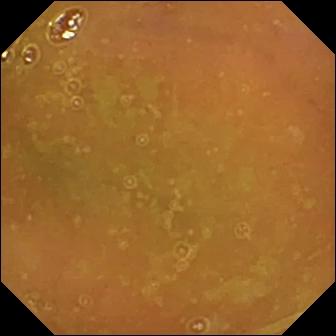Wireless capsule endoscopy — normal clean mucosa.